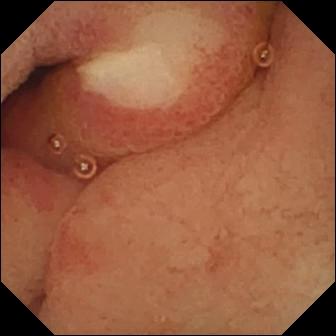Ulcer — wireless capsule endoscopy snapshot.